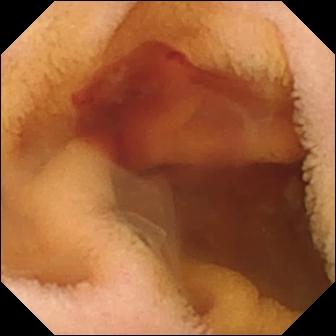- modality: WCE
- label: fresh blood in the lumen